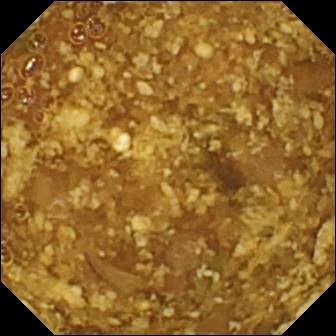Wireless capsule endoscopy. Luminal finding. Label: reduced mucosal view (content or bubbles obscuring the mucosa).